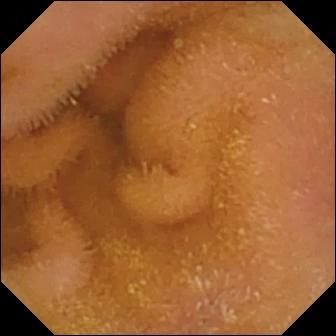Normal clean mucosa.